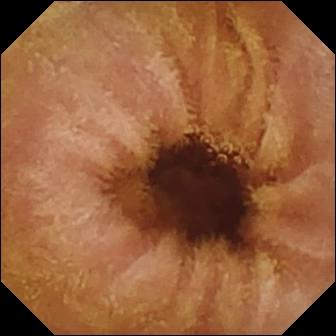WCE frame showing normal clean mucosa.